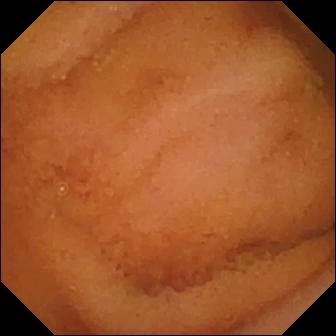Video capsule endoscopy view
Impression: normal clean mucosa